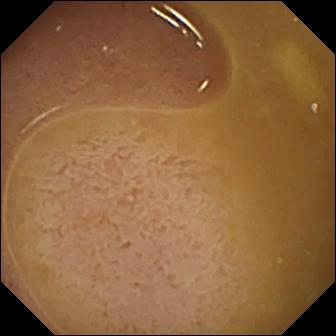Wireless capsule endoscopy snapshot, 336×336. Taken in the ileo-cecal valve region (the transition from the small bowel to the large bowel).